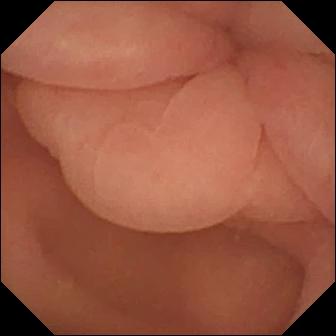Q: Where in the digestive tract was this video capsule endoscopy view taken?
A: Pylorus region (where the capsule passes from the stomach into the small bowel).